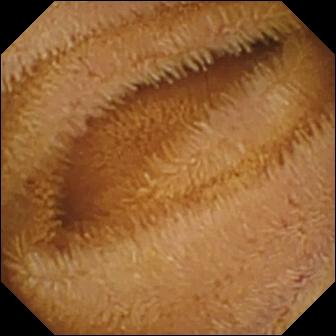{"modality": "capsule endoscopy", "segment": "small intestine", "finding": "normal clean mucosa"}